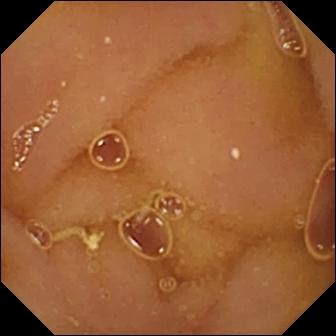PROCEDURE: WCE.
SEGMENT: Small intestine.
FINDINGS: Normal clean mucosa.